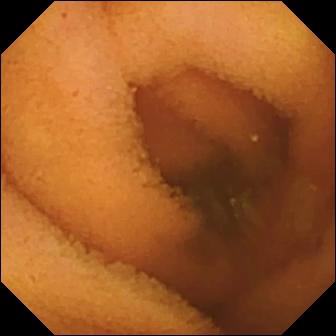{"modality": "capsule endoscopy", "segment": "small intestine", "finding": "normal clean mucosa"}